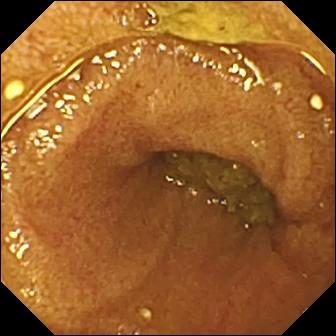Ileo-cecal valve region — video capsule endoscopy view.